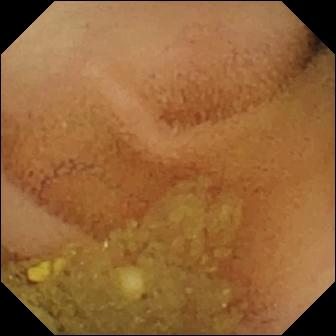- modality: wireless capsule endoscopy
- segment: small intestine
- impression: normal clean mucosa